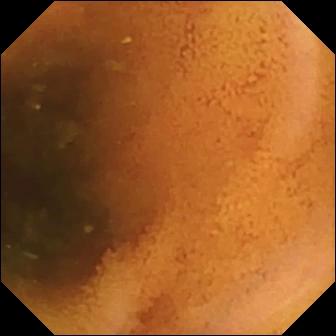{"modality": "capsule endoscopy", "category": "luminal finding", "finding": "normal clean mucosa"}